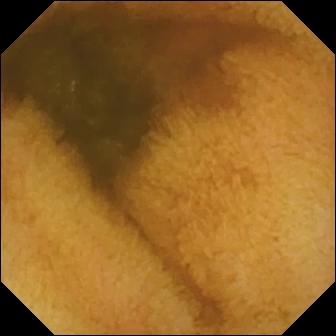Video capsule endoscopy. Finding: normal clean mucosa.